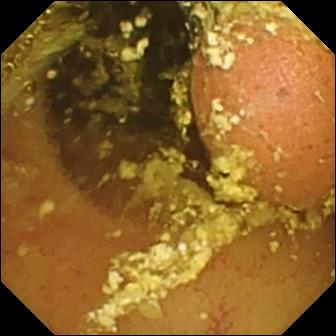Small-bowel capsule endoscopy — foreign body (e.g. retained capsule, tablet residue).